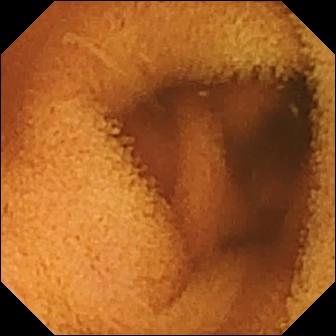{"modality": "small-bowel capsule endoscopy", "category": "luminal finding", "finding": "normal clean mucosa"}